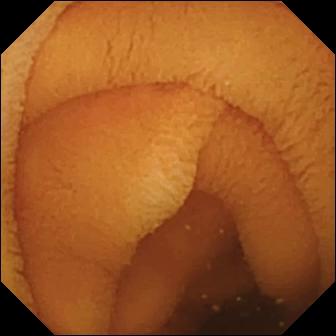VCE image showing normal clean mucosa.